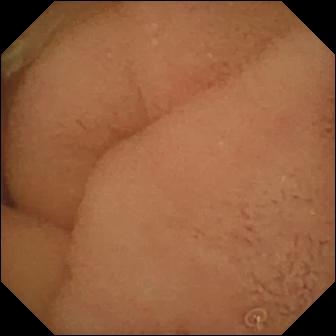Capsule endoscopy frame showing normal clean mucosa.